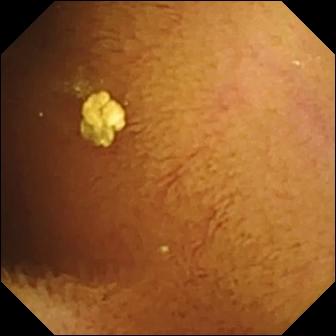This VCE still shows normal clean mucosa.